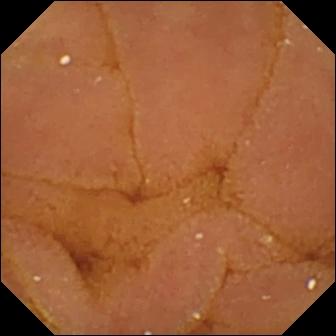modality: small-bowel capsule endoscopy; category: luminal finding; label: normal clean mucosa